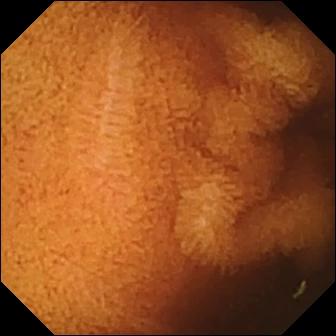PROCEDURE: VCE.
SEGMENT: Small bowel.
FINDINGS: Normal clean mucosa.